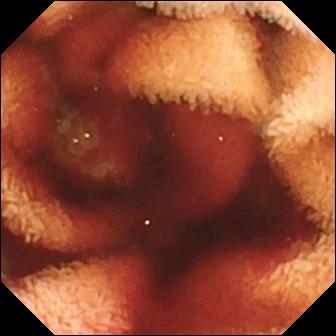Video capsule endoscopy still showing fresh blood in the lumen.